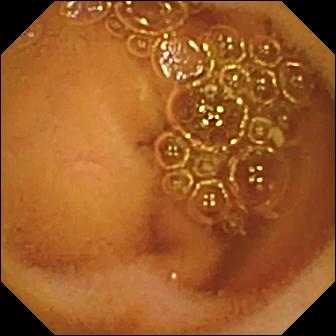- modality: small-bowel capsule endoscopy
- segment: small intestine
- category: luminal finding
- finding: normal clean mucosa